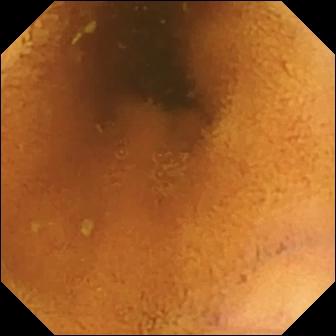Q: What does this video capsule endoscopy view show?
A: Normal clean mucosa.